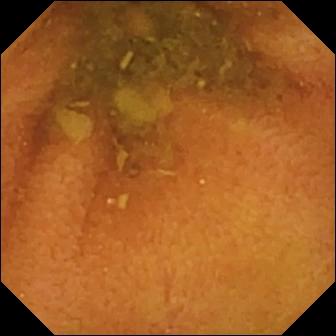Q: What does this video capsule endoscopy frame of the small bowel show?
A: Normal clean mucosa.